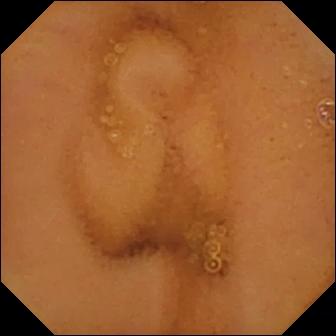WCE still of the small intestine showing normal clean mucosa.